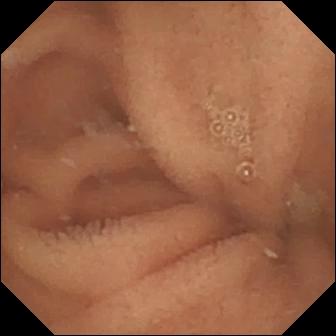Small-bowel capsule endoscopy image showing normal clean mucosa.